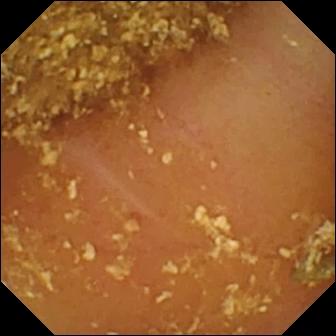PROCEDURE: Video capsule endoscopy.
SEGMENT: Small bowel.
FINDINGS: Reduced mucosal view (content or bubbles obscuring the mucosa).